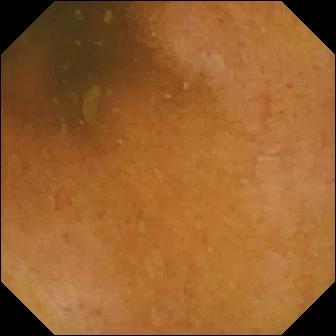{"modality": "video capsule endoscopy", "segment": "small intestine", "finding": "normal clean mucosa"}